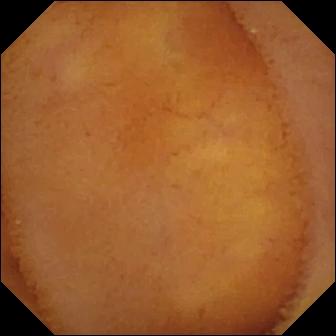modality: WCE; label: normal clean mucosa